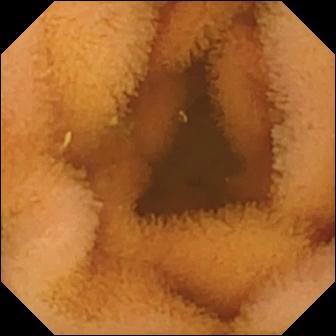VCE image, small intestine
Impression: normal clean mucosa